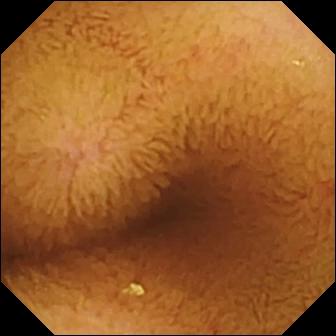Video capsule endoscopy — normal clean mucosa.